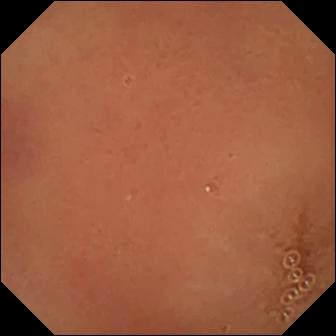- modality: video capsule endoscopy
- segment: small intestine
- category: luminal finding
- observation: normal clean mucosa